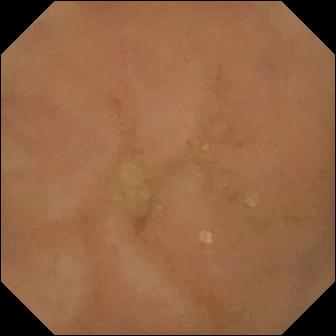This wireless capsule endoscopy image shows normal clean mucosa.